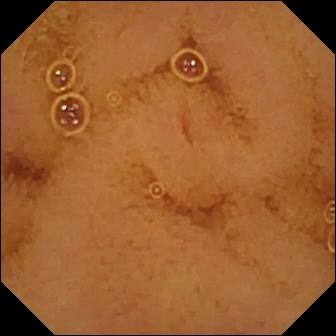- modality: capsule endoscopy
- finding: normal clean mucosa